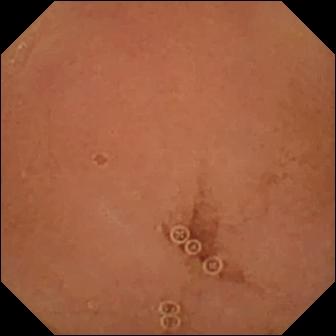Normal clean mucosa — wireless capsule endoscopy image of the small intestine.